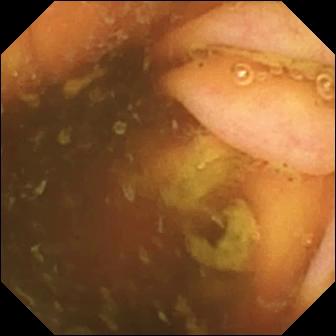This small-bowel capsule endoscopy image was taken in the ileo-cecal valve region (where the capsule passes from the small bowel into the large bowel).